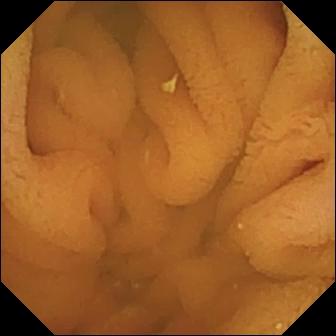Normal clean mucosa.